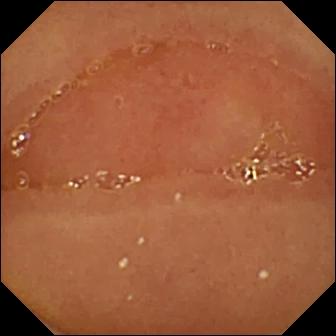VCE image
Impression: normal clean mucosa